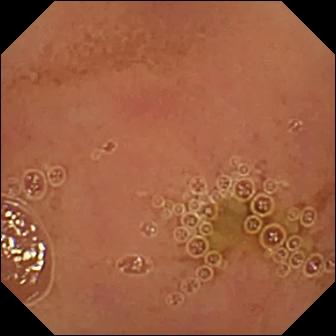modality: VCE
observation: normal clean mucosa